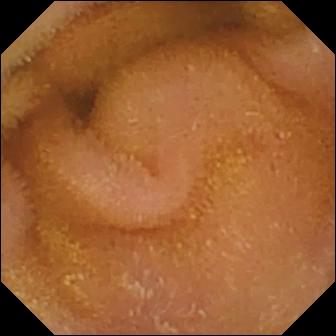Video capsule endoscopy — normal clean mucosa.